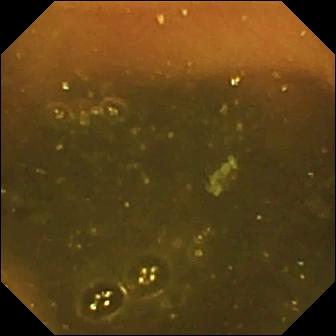Capsule endoscopy still taken in the ileo-cecal valve region (where the capsule passes from the small bowel into the large bowel).